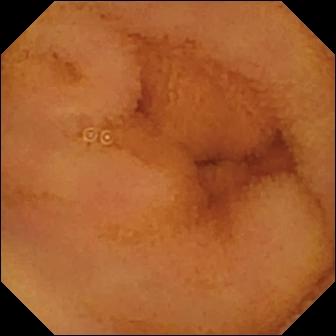Capsule endoscopy frame (small bowel). Normal clean mucosa.